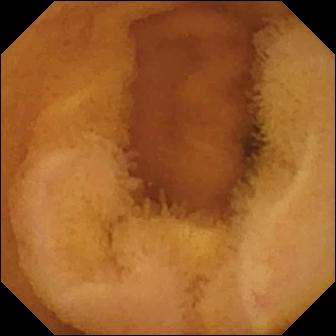modality: WCE | segment: small intestine | impression: normal clean mucosa